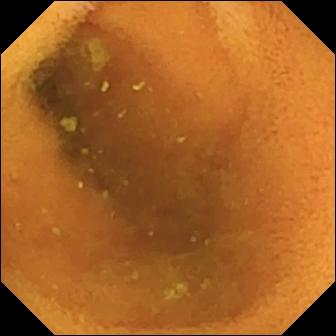PROCEDURE: Capsule endoscopy.
FINDINGS: Normal clean mucosa.